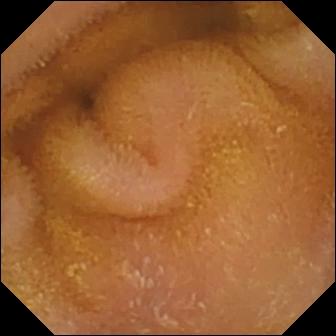This video capsule endoscopy frame of the small intestine shows normal clean mucosa.